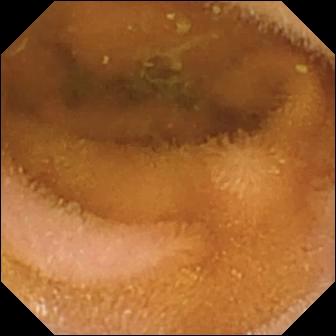PROCEDURE: Small-bowel capsule endoscopy.
FINDINGS: Normal clean mucosa.